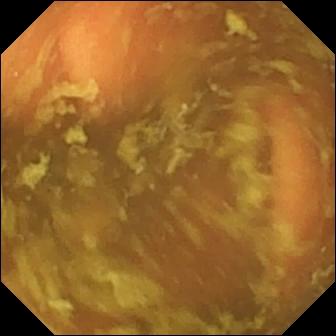- modality: small-bowel capsule endoscopy
- video segment: ileo-cecal valve region